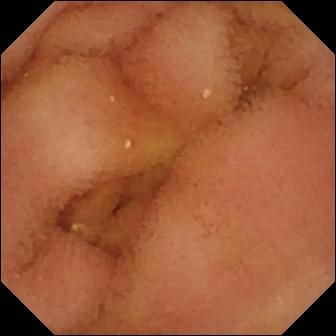modality: video capsule endoscopy
segment: small bowel
impression: normal clean mucosa